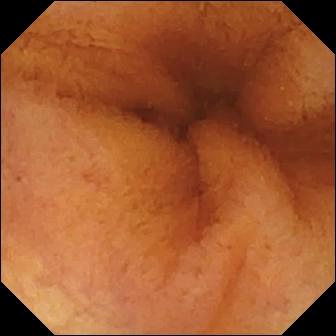{"modality": "wireless capsule endoscopy", "segment": "small bowel", "category": "luminal finding", "finding": "normal clean mucosa"}